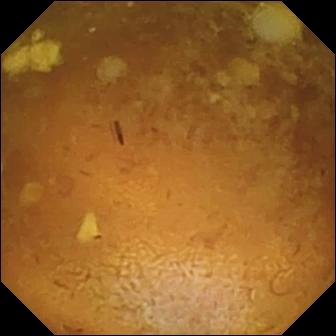This small-bowel capsule endoscopy view shows reduced mucosal view (content or bubbles obscuring the mucosa).